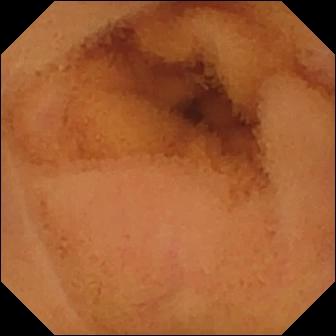{"modality": "small-bowel capsule endoscopy", "finding": "normal clean mucosa"}